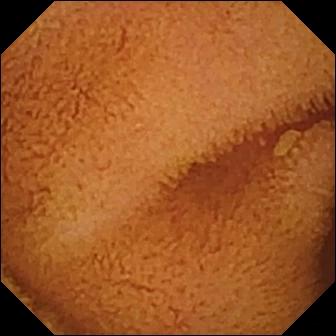VCE. Small intestine. Luminal finding. Label: normal clean mucosa.